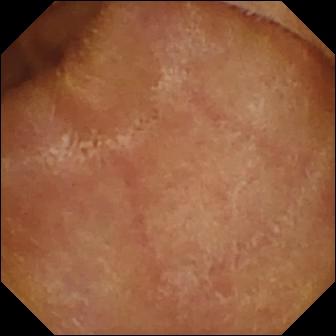- modality: capsule endoscopy
- impression: normal clean mucosa